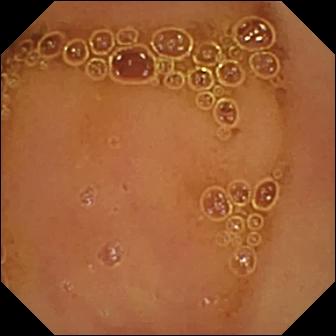Video capsule endoscopy still, 336×336. Normal clean mucosa.